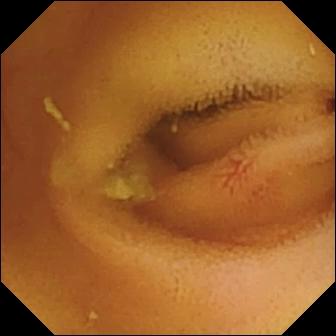PROCEDURE: VCE.
FINDINGS: Angiectasia.